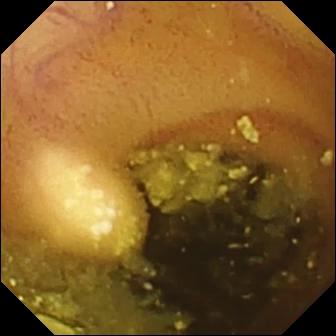Capsule endoscopy — lymphangiectasia.